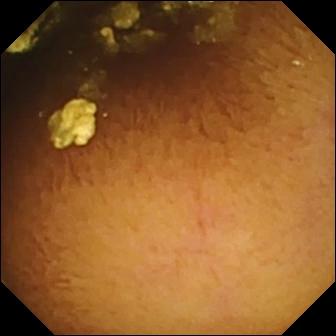{"modality": "small-bowel capsule endoscopy", "category": "luminal finding", "finding": "normal clean mucosa"}